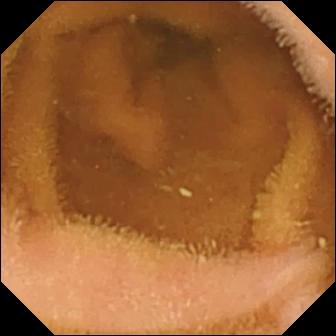Normal clean mucosa — wireless capsule endoscopy frame.